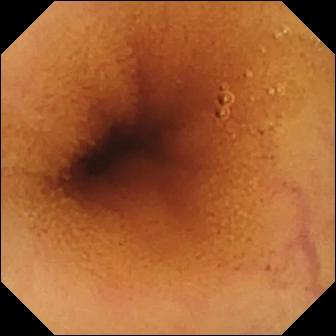PROCEDURE: VCE.
FINDINGS: Normal clean mucosa.